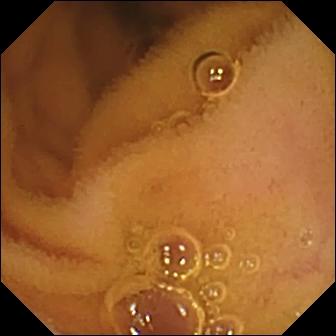PROCEDURE: Capsule endoscopy.
FINDINGS: Normal clean mucosa.